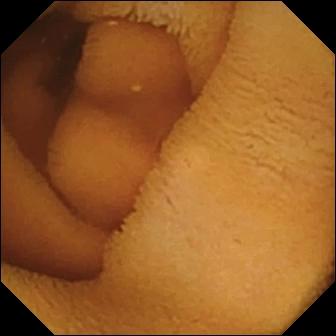Normal clean mucosa — capsule endoscopy frame of the small intestine.